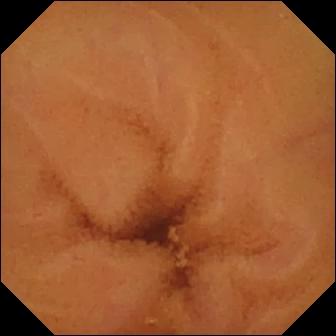Video capsule endoscopy image of the small bowel showing normal clean mucosa.